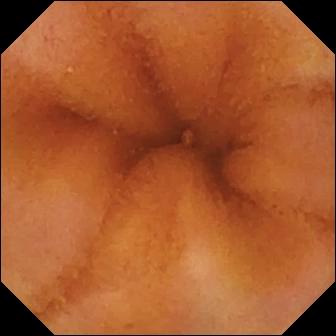Q: What does this capsule endoscopy image of the small bowel show?
A: Normal clean mucosa.